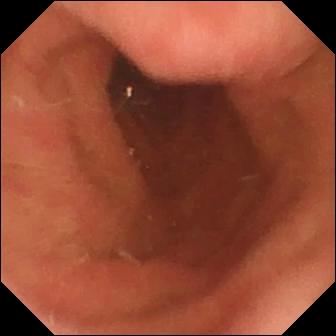- modality: WCE
- category: anatomical landmark
- position: pylorus region (the junction between the stomach and the small bowel)